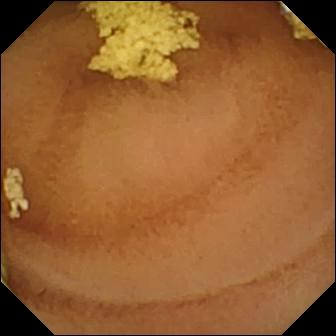Wireless capsule endoscopy image
Impression: normal clean mucosa